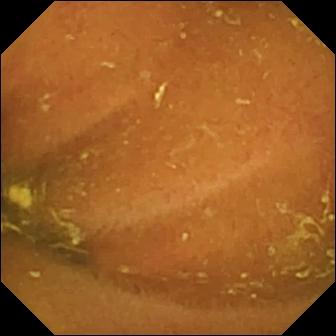- modality: wireless capsule endoscopy
- label: ileo-cecal valve region (where the capsule passes from the small bowel into the large bowel)